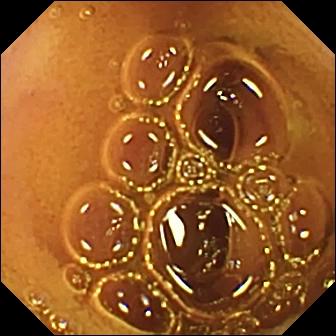Wireless capsule endoscopy image. Normal clean mucosa.